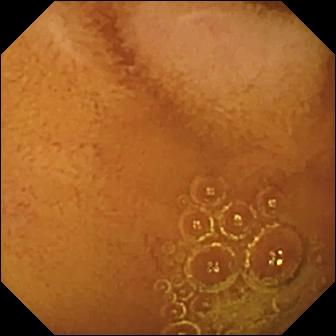Wireless capsule endoscopy frame, small bowel
Label: normal clean mucosa